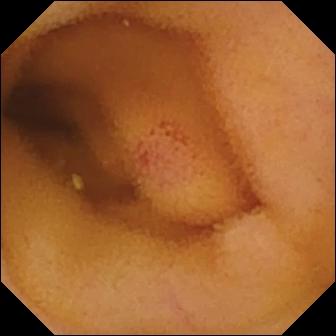Wireless capsule endoscopy — angiectasia.